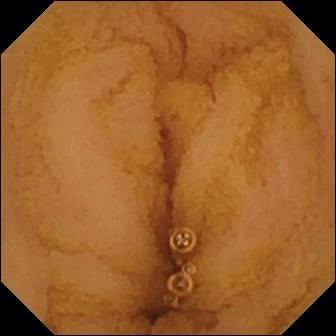{"modality": "VCE", "category": "luminal finding", "finding": "normal clean mucosa"}